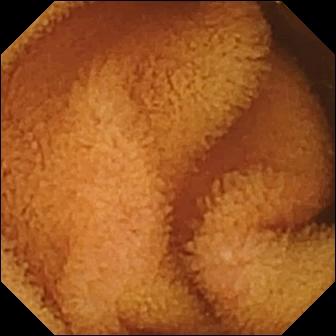VCE still of the small bowel showing normal clean mucosa.